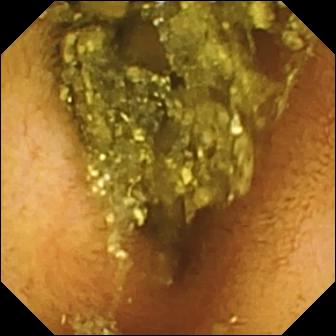- modality: capsule endoscopy
- label: normal clean mucosa